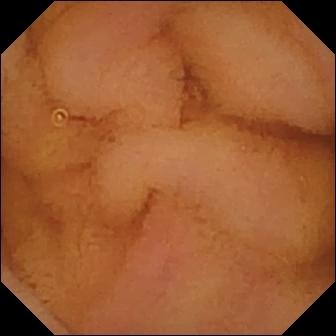Wireless capsule endoscopy frame of the small bowel showing normal clean mucosa.